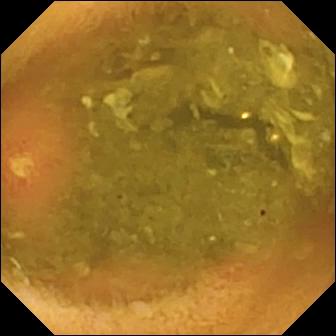This capsule endoscopy still shows ulcer.